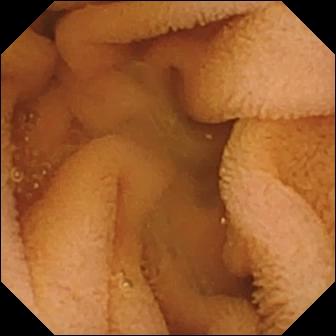VCE snapshot, small intestine
Observation: normal clean mucosa